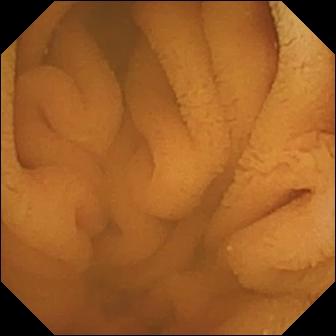WCE image of the small intestine showing normal clean mucosa.